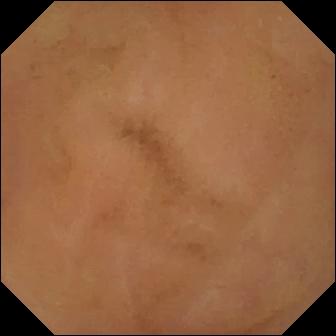Wireless capsule endoscopy. Finding: normal clean mucosa.